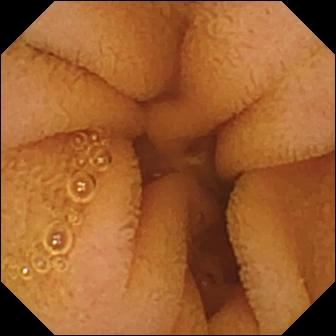This VCE snapshot of the small bowel shows normal clean mucosa.